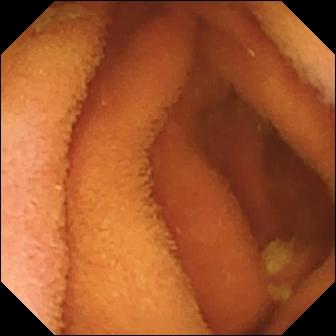Normal clean mucosa — video capsule endoscopy image of the small intestine.